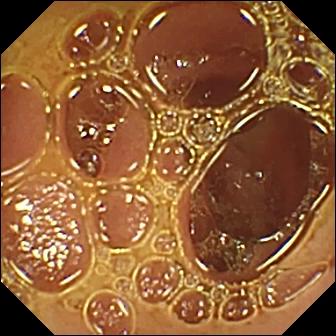VCE view, small bowel
Label: normal clean mucosa